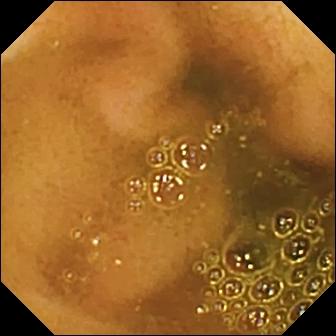modality: WCE | label: ileo-cecal valve region (where the capsule passes from the small bowel into the large bowel)